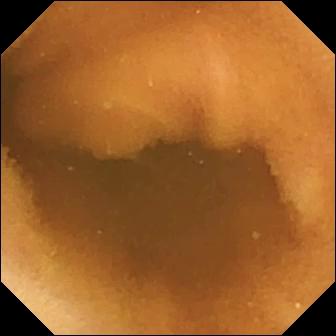VCE frame
Label: normal clean mucosa